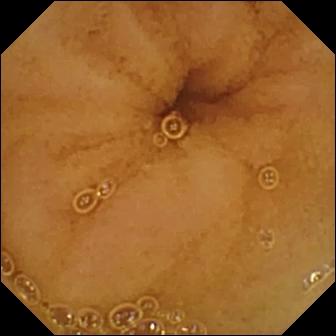This small-bowel capsule endoscopy still shows normal clean mucosa.